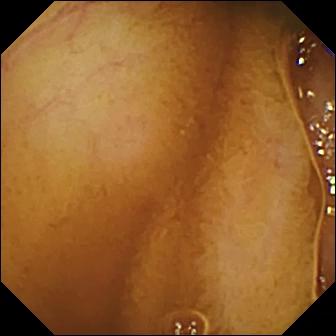Capsule endoscopy view (small bowel). Normal clean mucosa.